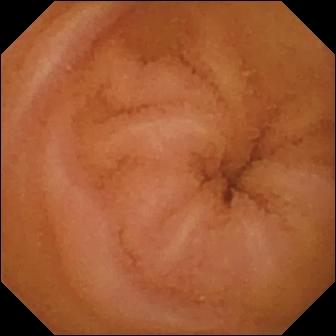Q: What does this WCE image show?
A: Normal clean mucosa.